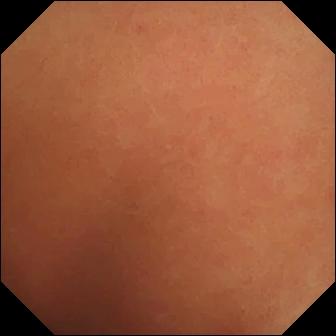Normal clean mucosa — video capsule endoscopy still.